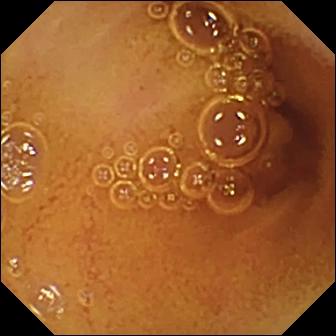This small-bowel capsule endoscopy view of the small bowel shows normal clean mucosa.